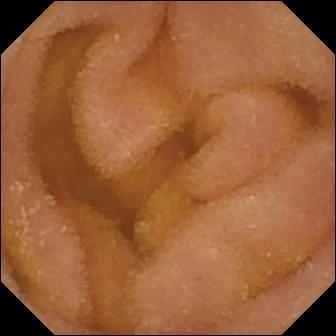Q: What does this video capsule endoscopy frame of the small intestine show?
A: Normal clean mucosa.